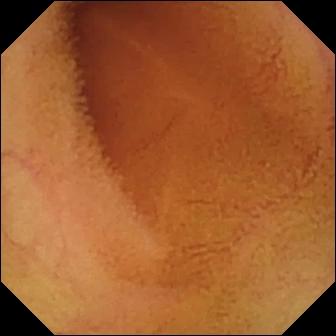WCE. Small bowel. Luminal finding. Impression: normal clean mucosa.